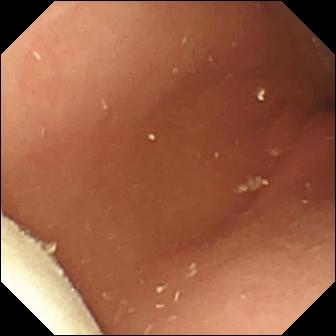- modality: WCE
- category: luminal finding
- observation: foreign body (e.g. retained capsule, tablet residue)